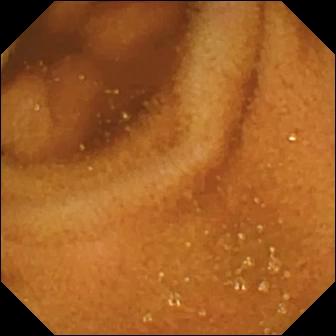Small-bowel capsule endoscopy. Small intestine. Label: normal clean mucosa.